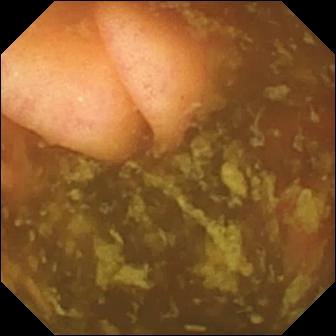Q: Where in the digestive tract was this capsule endoscopy frame taken?
A: Ileo-cecal valve region (where the capsule passes from the small bowel into the large bowel).